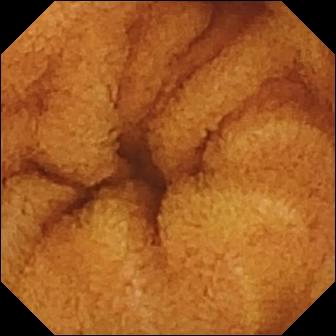{"modality": "small-bowel capsule endoscopy", "category": "luminal finding", "finding": "normal clean mucosa"}